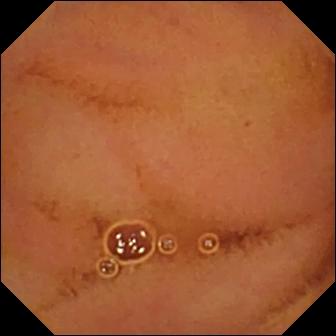modality: capsule endoscopy | impression: normal clean mucosa